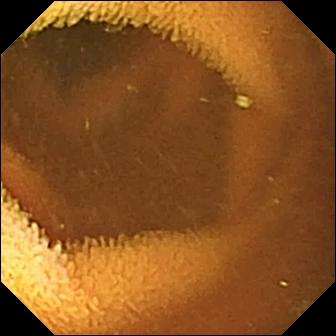Normal clean mucosa — capsule endoscopy view of the small bowel.